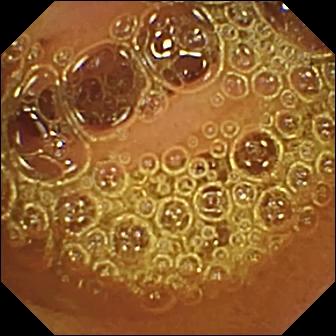Wireless capsule endoscopy image. Normal clean mucosa.